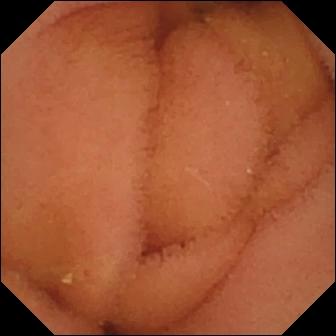Q: What does this wireless capsule endoscopy snapshot show?
A: Normal clean mucosa.